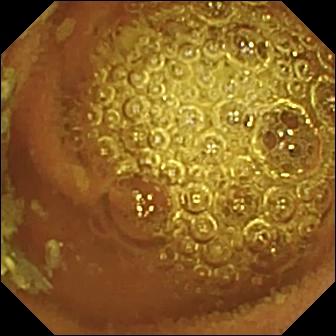Normal clean mucosa.